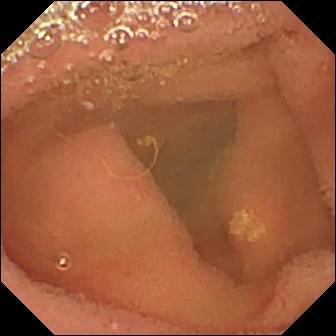- modality: VCE
- label: lymphangiectasia